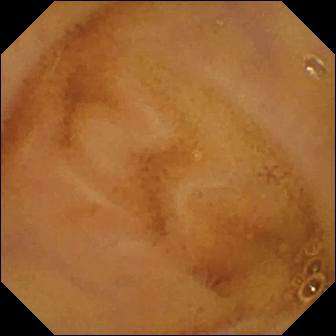Small-bowel capsule endoscopy — normal clean mucosa.